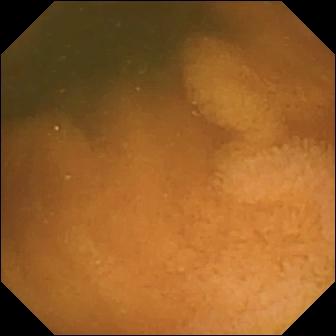Video capsule endoscopy still, small intestine
Finding: normal clean mucosa